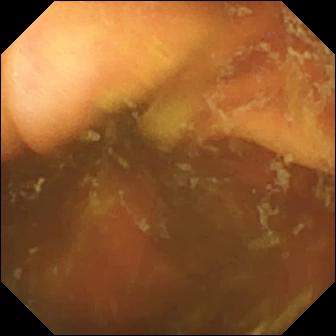Q: Where in the digestive tract was this video capsule endoscopy snapshot taken?
A: Ileo-cecal valve region (where the capsule passes from the small bowel into the large bowel).